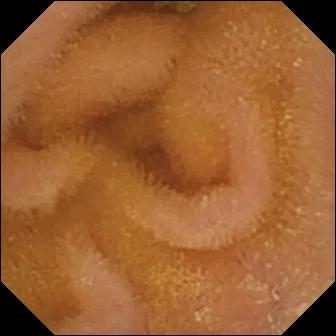Q: What does this wireless capsule endoscopy image show?
A: Normal clean mucosa.